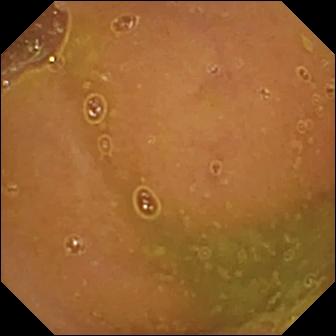Capsule endoscopy image (small bowel). Normal clean mucosa.